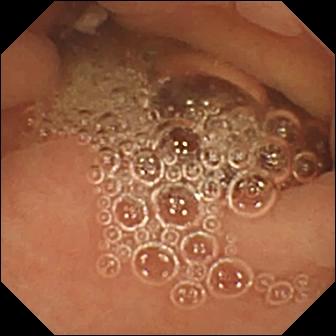- modality: WCE
- impression: normal clean mucosa